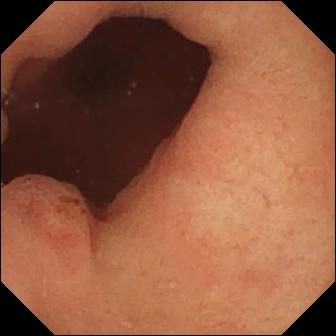modality: video capsule endoscopy; position: pylorus region (the junction between the stomach and the small bowel)